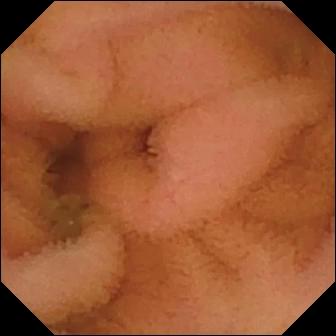Q: What does this video capsule endoscopy snapshot of the small bowel show?
A: Normal clean mucosa.